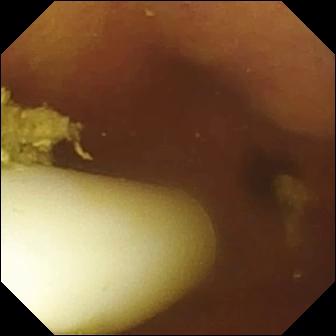Capsule endoscopy image showing foreign body (e.g. retained capsule, tablet residue).